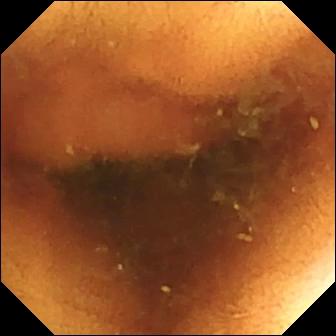Small-bowel capsule endoscopy frame. Normal clean mucosa.